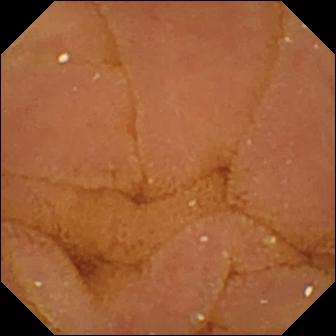Video capsule endoscopy still showing normal clean mucosa.